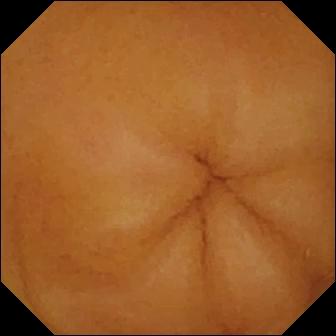Normal clean mucosa (336×336).